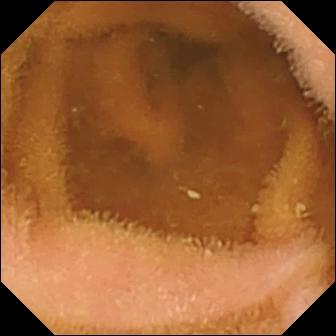Small-bowel capsule endoscopy. Luminal finding. Finding: normal clean mucosa.